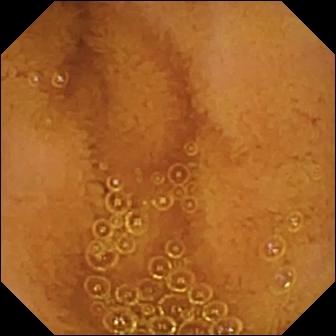Normal clean mucosa (336×336).